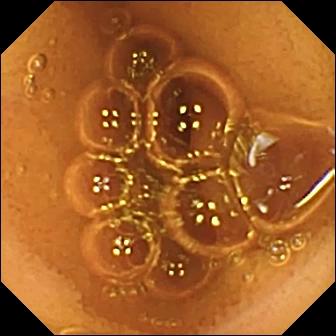{"modality": "small-bowel capsule endoscopy", "finding": "normal clean mucosa"}